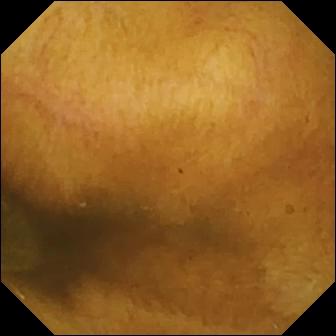Q: What does this wireless capsule endoscopy frame show?
A: Normal clean mucosa.